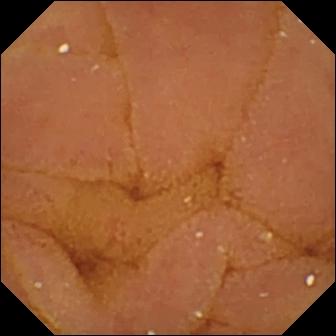Capsule endoscopy snapshot of the small intestine showing normal clean mucosa.